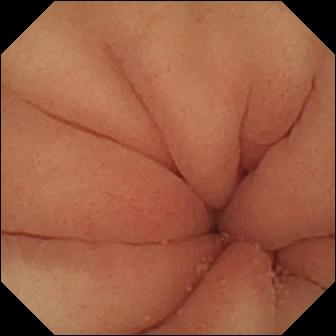Pylorus region (the junction between the stomach and the small bowel) — small-bowel capsule endoscopy image.